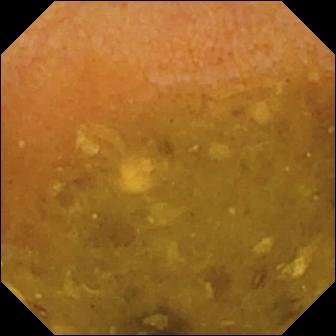{"modality": "VCE", "finding": "reduced mucosal view (content or bubbles obscuring the mucosa)"}